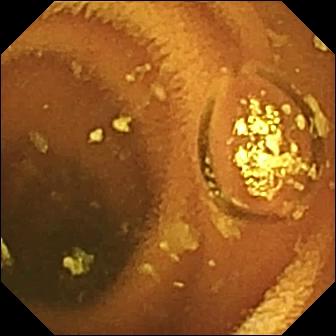Video capsule endoscopy snapshot showing normal clean mucosa.